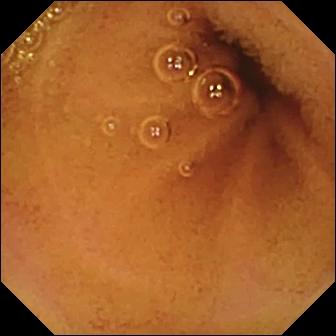Normal clean mucosa — VCE image of the small bowel.